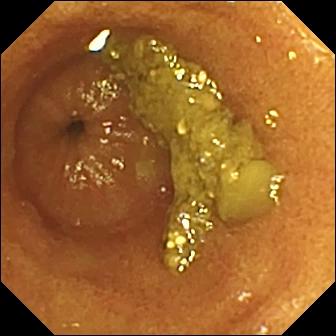PROCEDURE: Small-bowel capsule endoscopy.
VIDEO SEGMENT: Ileo-cecal valve region (where the capsule passes from the small bowel into the large bowel).